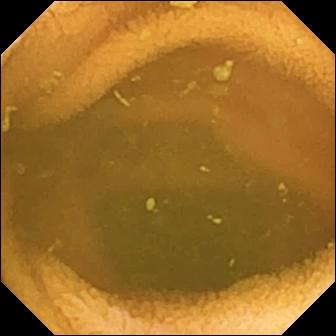Capsule endoscopy still showing normal clean mucosa.